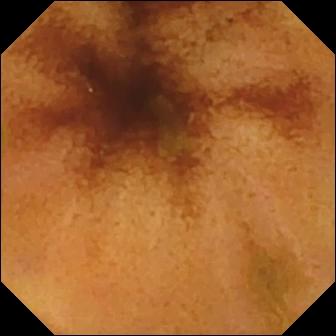Video capsule endoscopy image, small intestine
Finding: normal clean mucosa